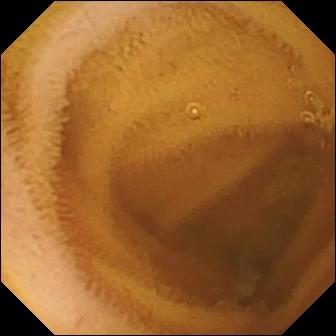Normal clean mucosa — wireless capsule endoscopy snapshot of the small intestine.